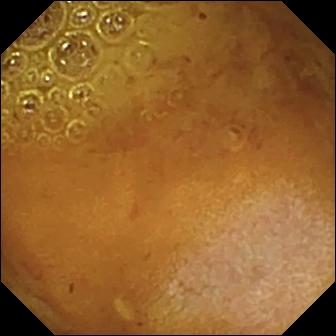Q: What does this capsule endoscopy frame show?
A: Reduced mucosal view (content or bubbles obscuring the mucosa).